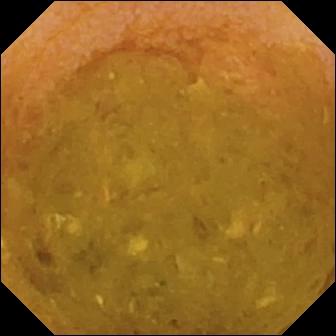WCE. Small bowel. Luminal finding. Finding: reduced mucosal view (content or bubbles obscuring the mucosa).